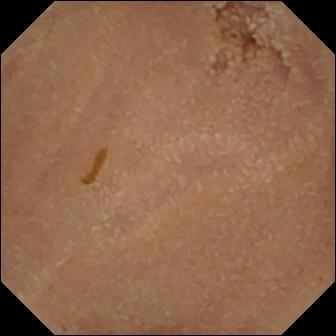Capsule endoscopy — normal clean mucosa.